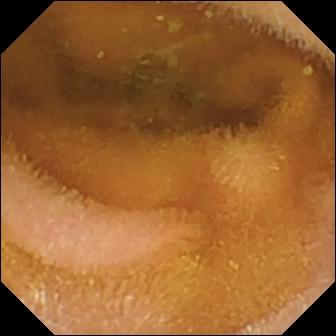modality: WCE | observation: normal clean mucosa